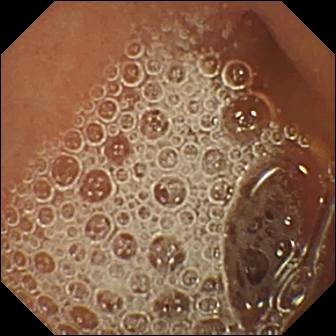modality: video capsule endoscopy
observation: normal clean mucosa